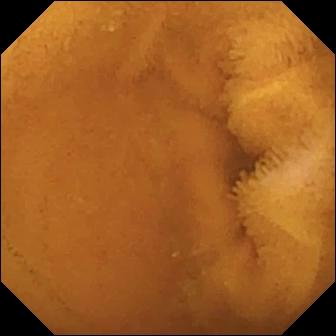Video capsule endoscopy — normal clean mucosa.